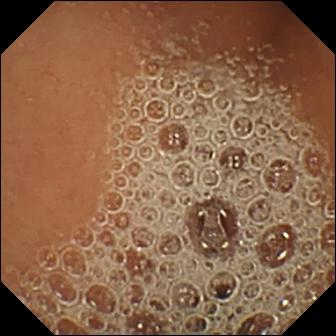Small-bowel capsule endoscopy still showing normal clean mucosa.